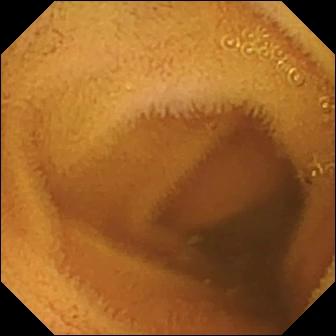This capsule endoscopy image shows normal clean mucosa.